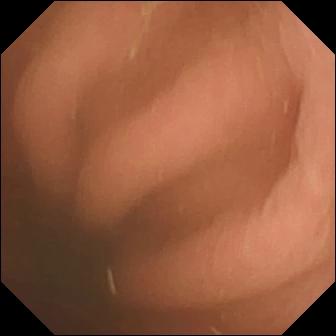modality: VCE
position: pylorus region (the junction between the stomach and the small bowel)